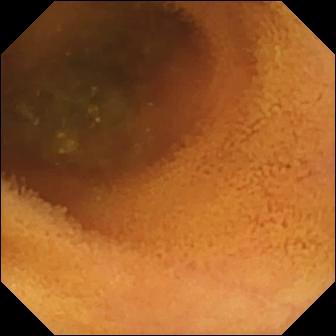Q: What does this WCE still show?
A: Normal clean mucosa.